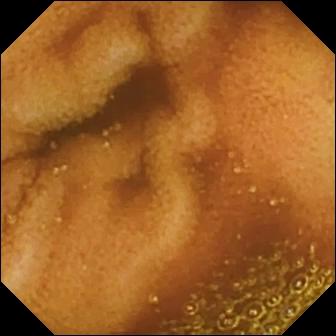modality: capsule endoscopy; impression: normal clean mucosa